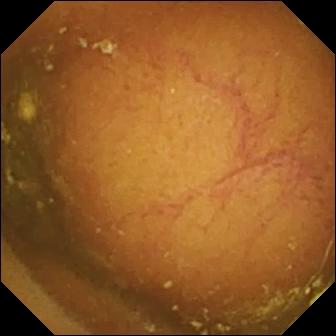{"modality": "wireless capsule endoscopy", "location": "ileo-cecal valve region"}